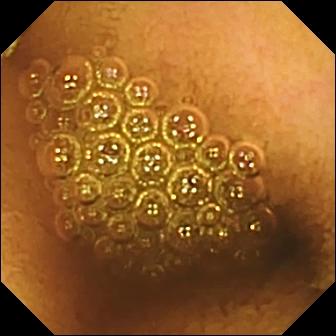This capsule endoscopy snapshot of the small bowel shows reduced mucosal view (content or bubbles obscuring the mucosa).